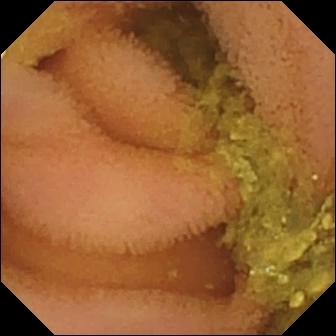Q: What does this small-bowel capsule endoscopy still show?
A: Normal clean mucosa.